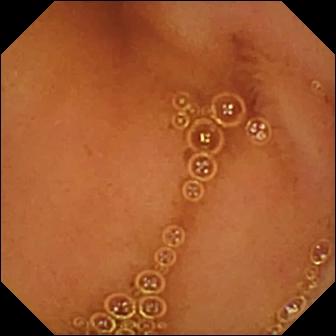Q: What does this VCE frame show?
A: Normal clean mucosa.